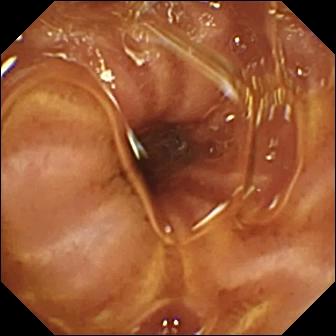Normal clean mucosa — WCE view.